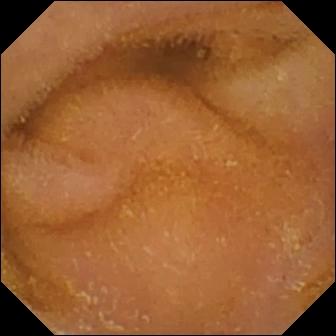Q: What does this wireless capsule endoscopy image of the small intestine show?
A: Normal clean mucosa.